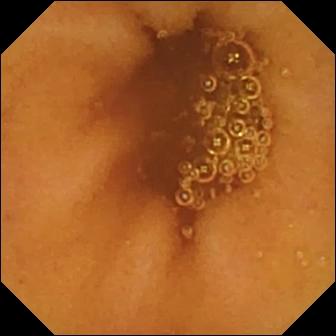- modality: capsule endoscopy
- segment: small intestine
- label: normal clean mucosa